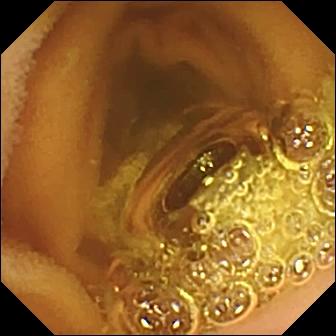Capsule endoscopy view showing normal clean mucosa.